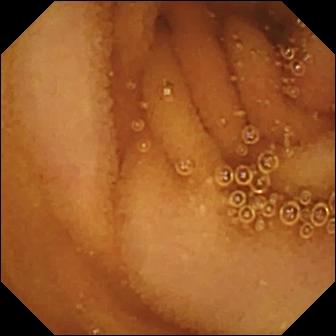Q: What does this wireless capsule endoscopy frame of the small intestine show?
A: Normal clean mucosa.